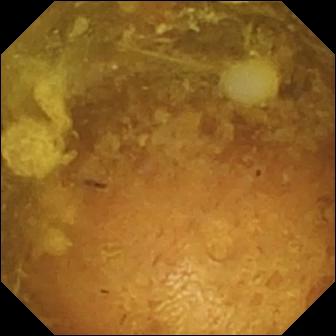Capsule endoscopy — reduced mucosal view (content or bubbles obscuring the mucosa).